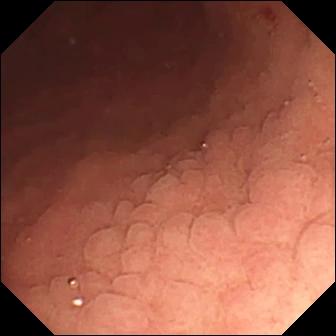Video capsule endoscopy still showing angiectasia.